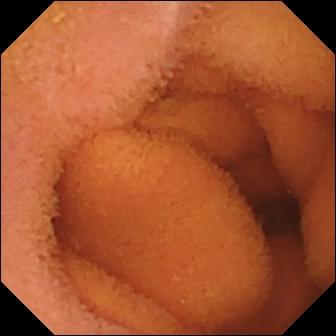WCE image
Finding: normal clean mucosa